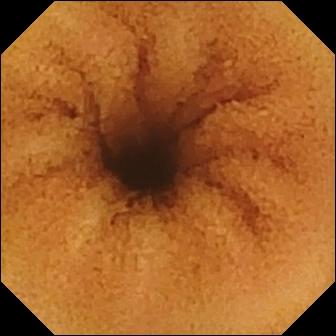Small-bowel capsule endoscopy view of the small intestine showing normal clean mucosa.